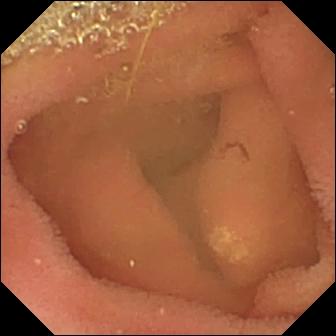Capsule endoscopy image, 336×336. Lymphangiectasia.